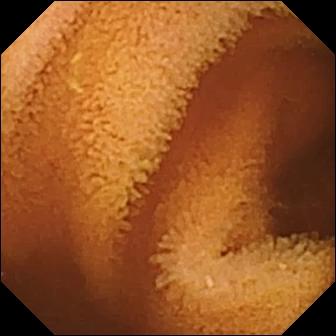- modality: WCE
- segment: small intestine
- observation: normal clean mucosa